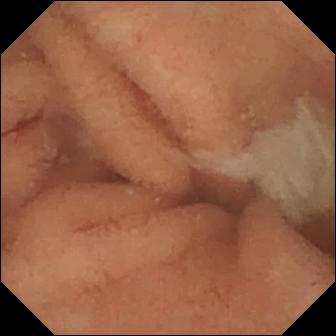Normal clean mucosa.